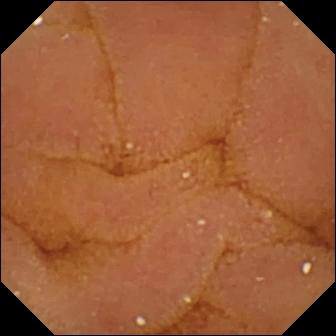Video capsule endoscopy. Observation: normal clean mucosa.